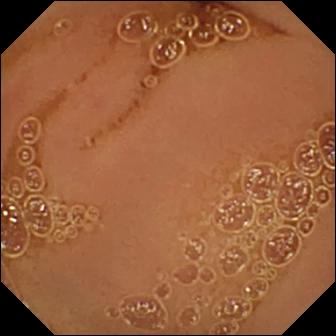This VCE snapshot of the small bowel shows normal clean mucosa.